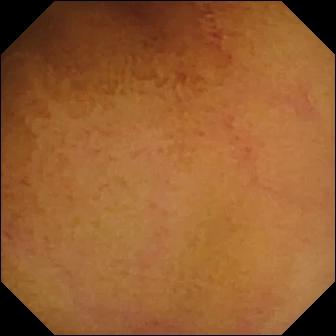Capsule endoscopy still (small intestine). Normal clean mucosa.